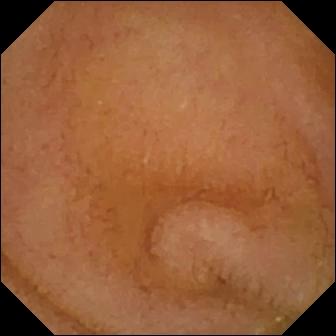{"modality": "VCE", "segment": "small bowel", "finding": "normal clean mucosa"}